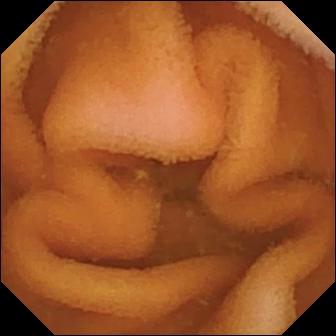WCE view showing normal clean mucosa.